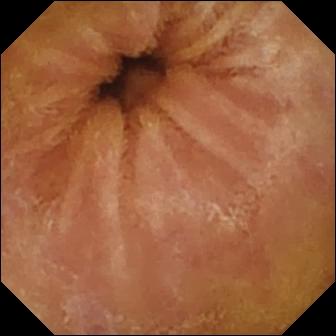Video capsule endoscopy image. Normal clean mucosa.